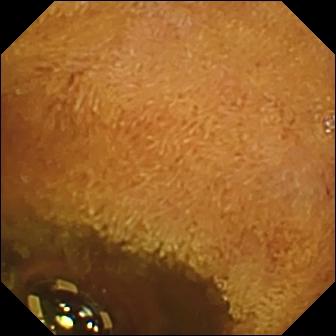Video capsule endoscopy — foreign body (e.g. retained capsule, tablet residue).